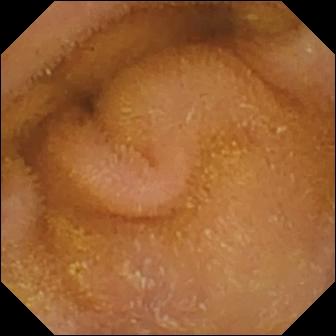Small-bowel capsule endoscopy — normal clean mucosa.